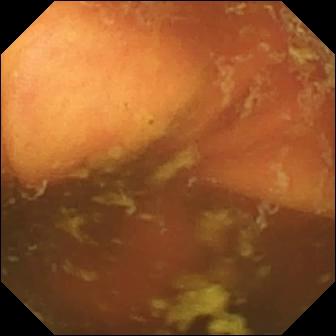Capsule endoscopy still taken in the ileo-cecal valve region (the transition from the small bowel to the large bowel).